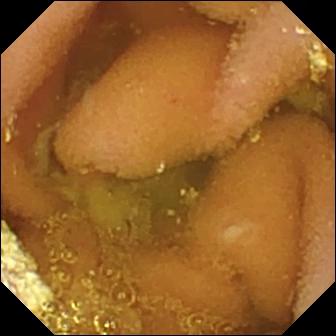Lymphangiectasia.